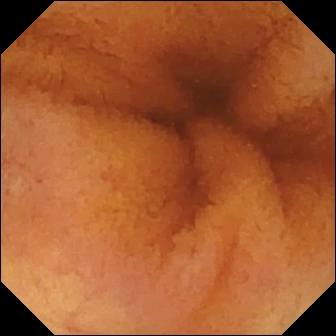modality: VCE | label: normal clean mucosa